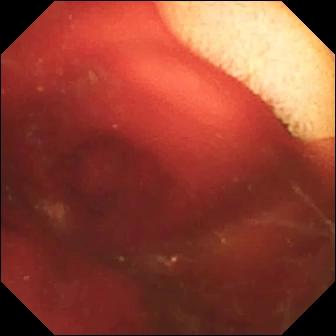WCE snapshot. Fresh blood in the lumen.